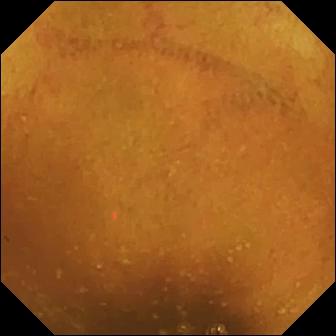modality: small-bowel capsule endoscopy | segment: small intestine | impression: normal clean mucosa